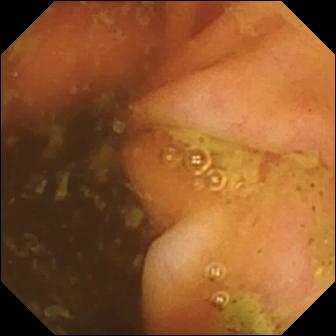VCE still taken in the ileo-cecal valve region.